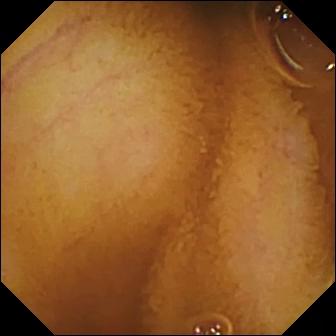{"modality": "WCE", "finding": "normal clean mucosa"}